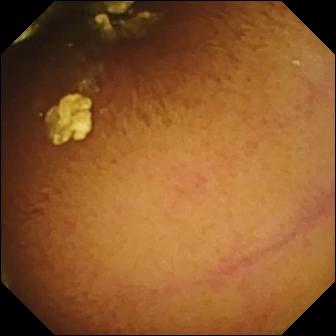Q: What does this VCE still of the small bowel show?
A: Normal clean mucosa.